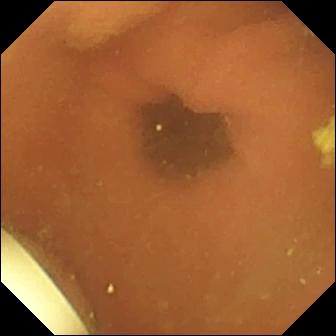Capsule endoscopy image, 336×336. Foreign body (e.g. retained capsule, tablet residue).